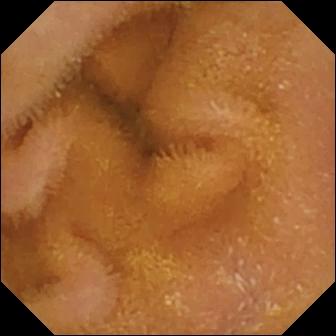Wireless capsule endoscopy image showing normal clean mucosa.